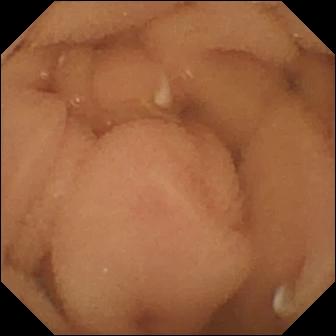This capsule endoscopy snapshot of the small bowel shows normal clean mucosa.